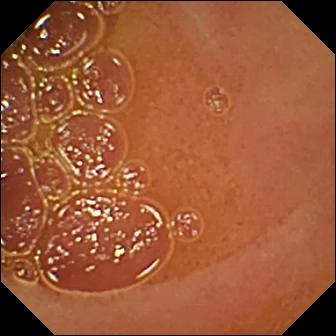Normal clean mucosa — wireless capsule endoscopy frame.